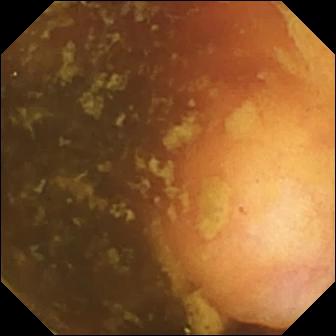WCE — ileo-cecal valve region (where the capsule passes from the small bowel into the large bowel).